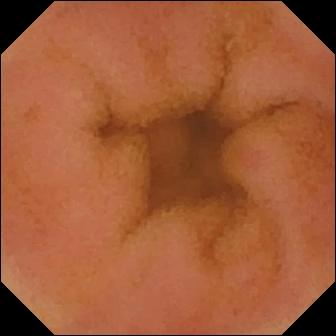- modality: small-bowel capsule endoscopy
- category: luminal finding
- finding: erythema (mucosal redness)